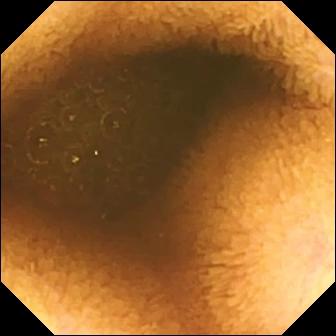Q: What does this VCE frame show?
A: Reduced mucosal view (content or bubbles obscuring the mucosa).